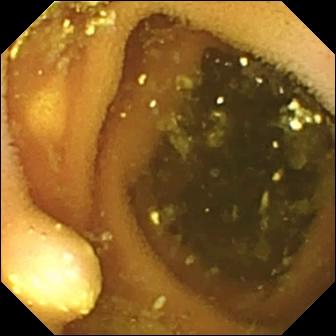VCE — lymphangiectasia.